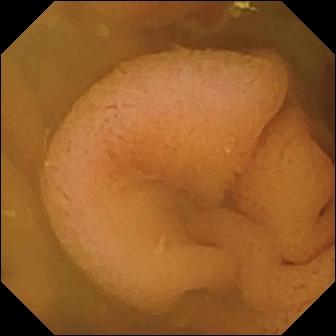Q: What does this wireless capsule endoscopy image of the small bowel show?
A: Normal clean mucosa.